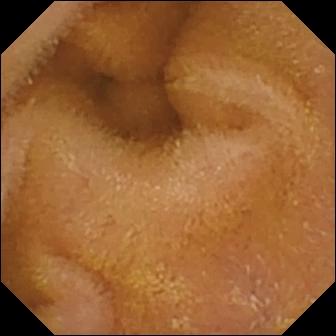Wireless capsule endoscopy frame (small bowel). Normal clean mucosa.